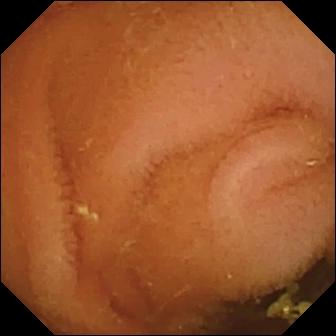VCE image. Normal clean mucosa.